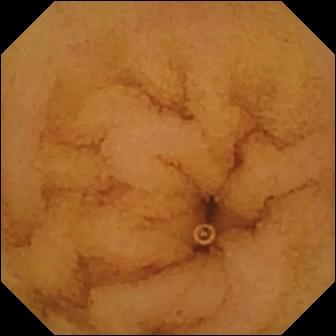Wireless capsule endoscopy view. Normal clean mucosa.